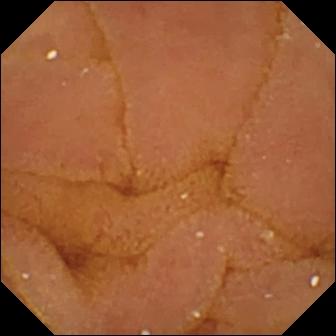WCE — normal clean mucosa.